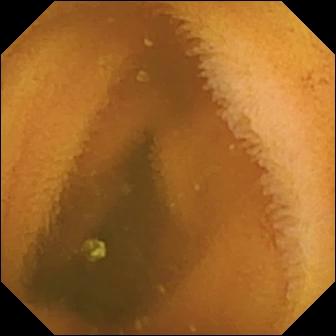Small-bowel capsule endoscopy — normal clean mucosa.